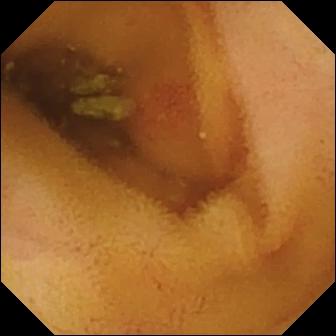{"modality": "small-bowel capsule endoscopy", "finding": "angiectasia"}